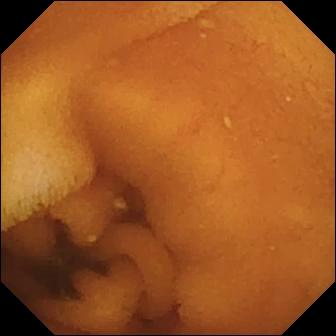Wireless capsule endoscopy image (small bowel). Normal clean mucosa.